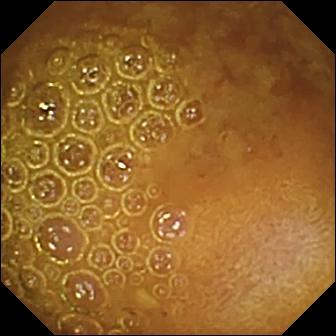- modality: capsule endoscopy
- segment: small bowel
- category: luminal finding
- impression: reduced mucosal view (content or bubbles obscuring the mucosa)